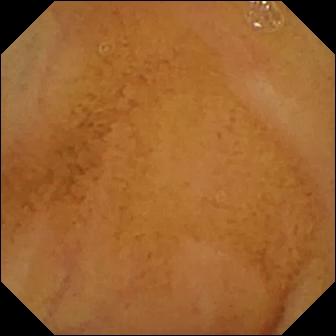Normal clean mucosa (336×336).